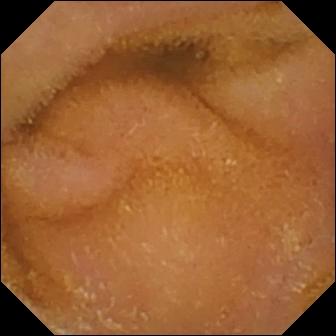This capsule endoscopy snapshot of the small intestine shows normal clean mucosa.